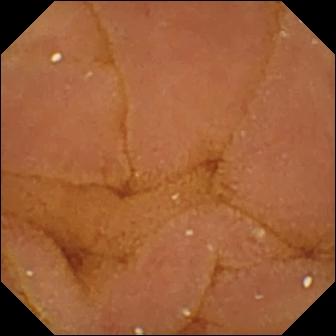Q: What does this wireless capsule endoscopy still of the small bowel show?
A: Normal clean mucosa.